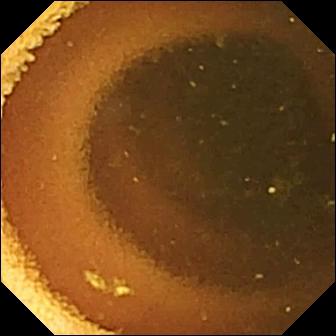Q: What does this small-bowel capsule endoscopy snapshot of the small bowel show?
A: Normal clean mucosa.